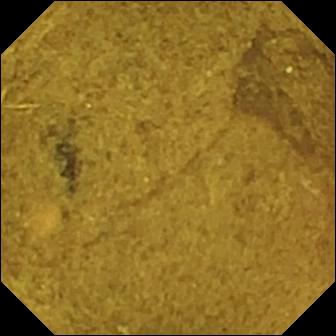Capsule endoscopy view
Video segment: ileo-cecal valve region